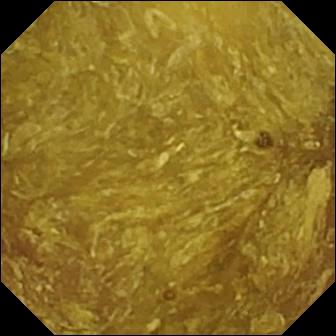Q: What does this wireless capsule endoscopy still show?
A: Reduced mucosal view (content or bubbles obscuring the mucosa).